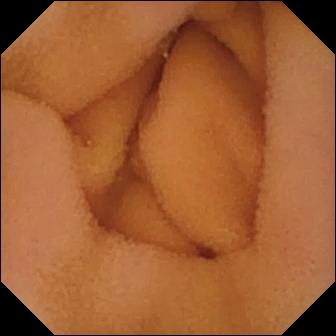This WCE view of the small bowel shows normal clean mucosa.